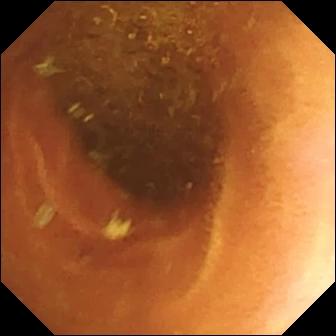Normal clean mucosa — WCE snapshot of the small bowel.